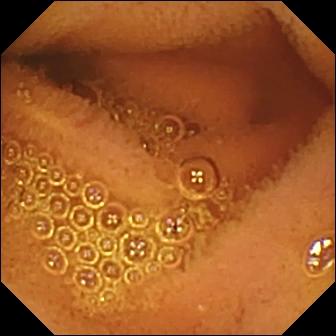PROCEDURE: Video capsule endoscopy.
SEGMENT: Small intestine.
FINDINGS: Normal clean mucosa.